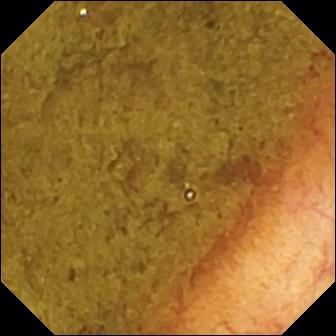WCE — ileo-cecal valve region.